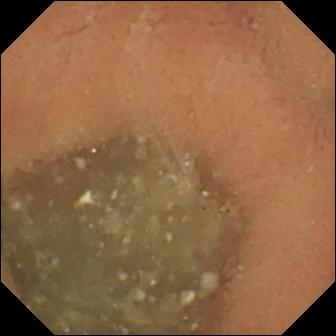Wireless capsule endoscopy view of the small bowel showing normal clean mucosa.